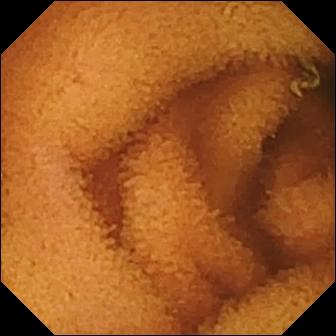{"modality": "wireless capsule endoscopy", "category": "luminal finding", "finding": "normal clean mucosa"}